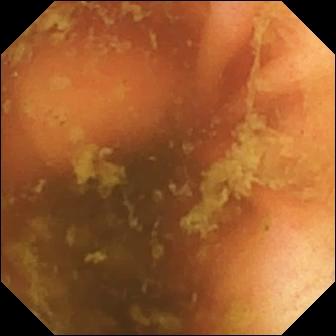Small-bowel capsule endoscopy still taken in the ileo-cecal valve region (where the capsule passes from the small bowel into the large bowel).